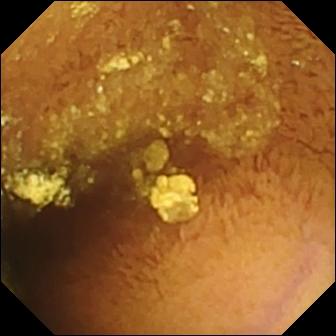Q: What does this capsule endoscopy image of the small bowel show?
A: Normal clean mucosa.